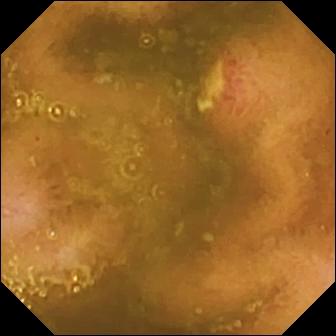PROCEDURE: VCE.
FINDINGS: Ulcer.